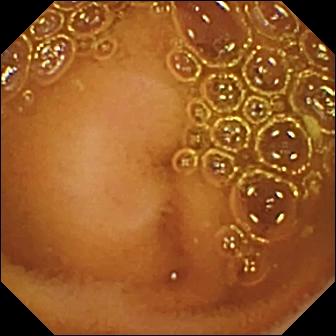modality: WCE; category: luminal finding; label: normal clean mucosa